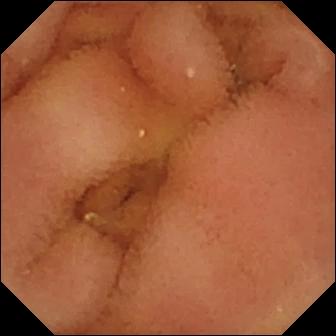Normal clean mucosa — small-bowel capsule endoscopy snapshot.